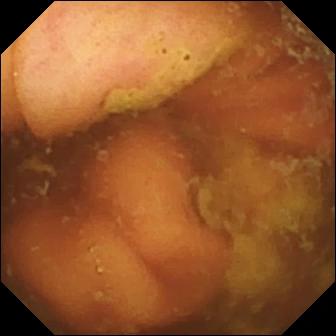WCE. Label: ileo-cecal valve region (the transition from the small bowel to the large bowel).